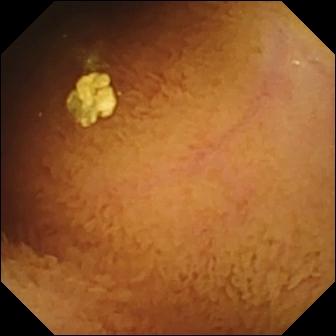This VCE frame shows normal clean mucosa.